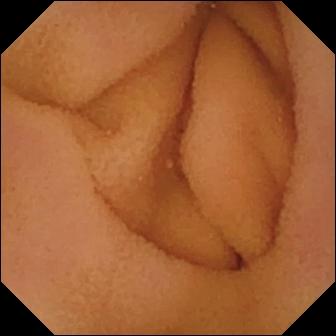Normal clean mucosa (336×336).